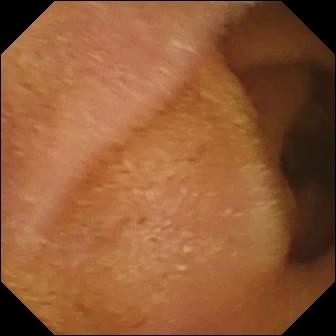Q: What does this WCE image show?
A: Normal clean mucosa.